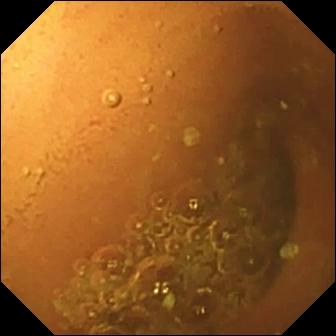- modality: VCE
- finding: normal clean mucosa